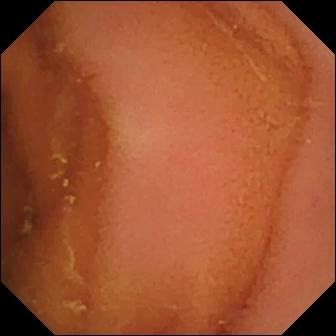modality: WCE; segment: small intestine; impression: normal clean mucosa